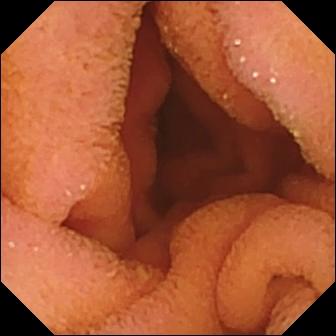Small-bowel capsule endoscopy snapshot, 336×336. Normal clean mucosa.